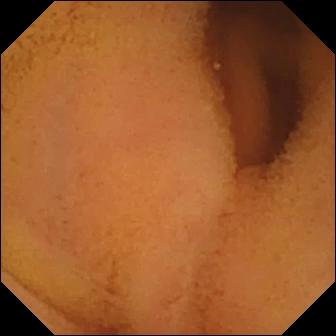Small-bowel capsule endoscopy. Impression: normal clean mucosa.